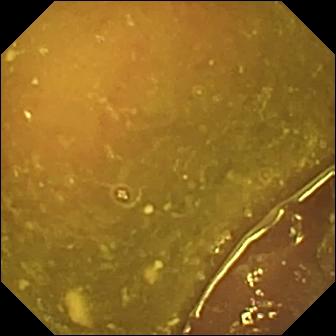PROCEDURE: WCE.
SEGMENT: Small bowel.
FINDINGS: Reduced mucosal view (content or bubbles obscuring the mucosa).